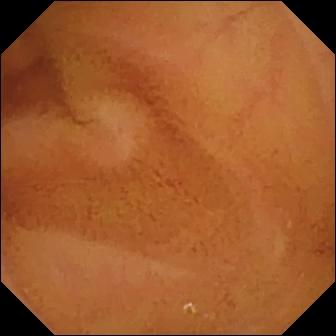Wireless capsule endoscopy image of the small intestine showing normal clean mucosa.